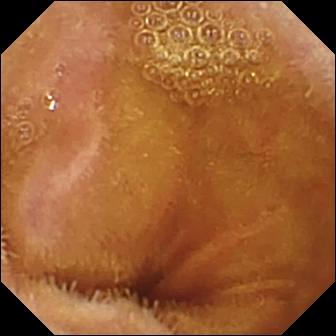Q: What does this VCE view of the small bowel show?
A: Normal clean mucosa.